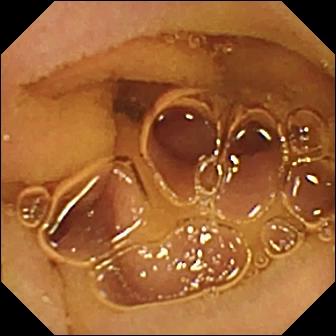PROCEDURE: Capsule endoscopy.
FINDINGS: Normal clean mucosa.